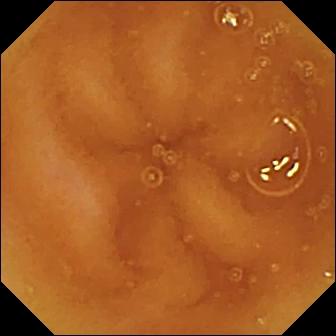Small-bowel capsule endoscopy still
Label: normal clean mucosa